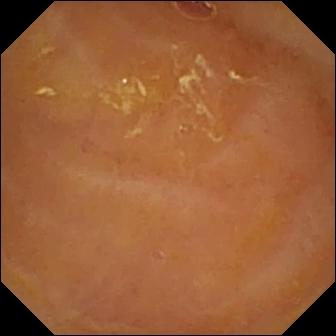modality: WCE; category: luminal finding; label: reduced mucosal view (content or bubbles obscuring the mucosa)